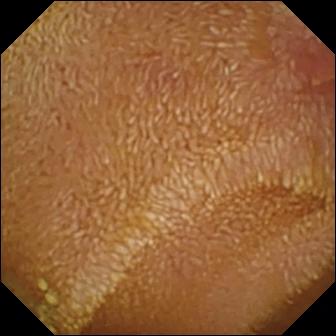modality: video capsule endoscopy; label: erosion